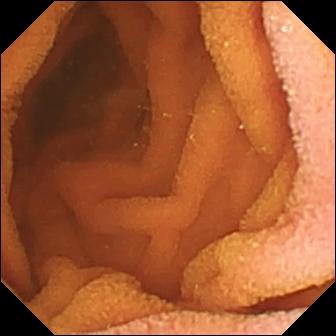- modality: capsule endoscopy
- segment: small bowel
- observation: normal clean mucosa